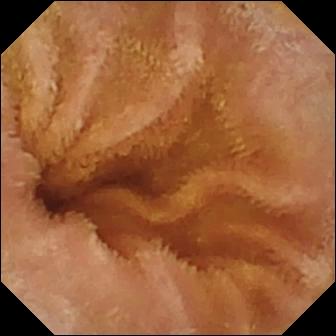Normal clean mucosa — wireless capsule endoscopy snapshot of the small bowel.